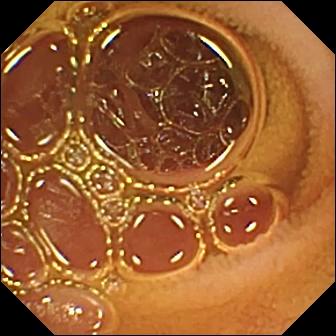VCE snapshot
Finding: normal clean mucosa